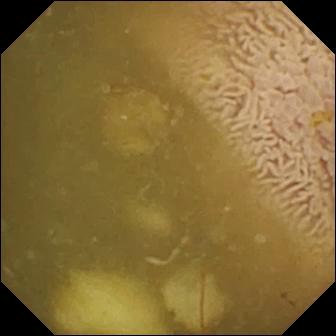This VCE image was taken in the ileo-cecal valve region (where the capsule passes from the small bowel into the large bowel).